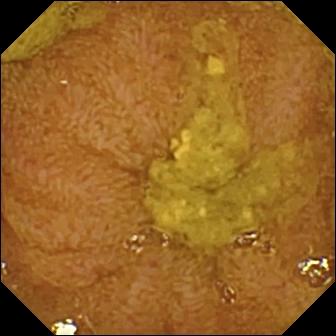Small-bowel capsule endoscopy frame, 336×336. Taken in the ileo-cecal valve region (where the capsule passes from the small bowel into the large bowel).